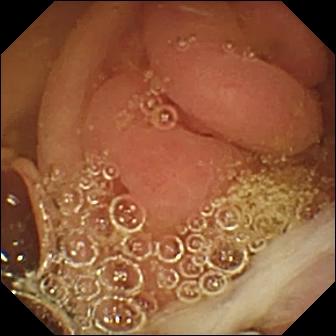Video capsule endoscopy still. Taken in the pylorus region (the junction between the stomach and the small bowel).